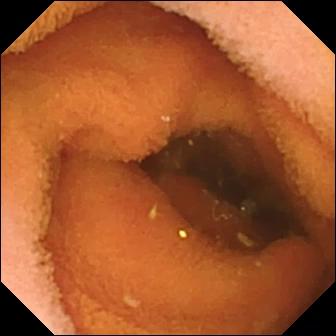Video capsule endoscopy snapshot showing normal clean mucosa.